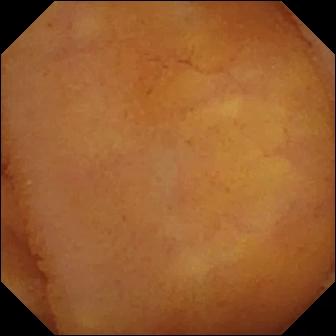WCE frame
Label: normal clean mucosa